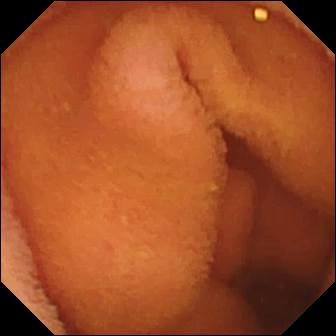Video capsule endoscopy. Finding: normal clean mucosa.